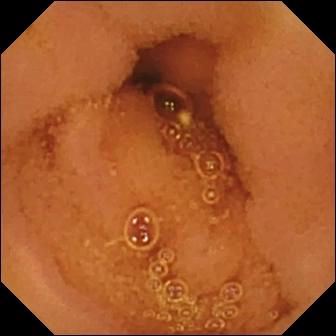Small-bowel capsule endoscopy — normal clean mucosa.